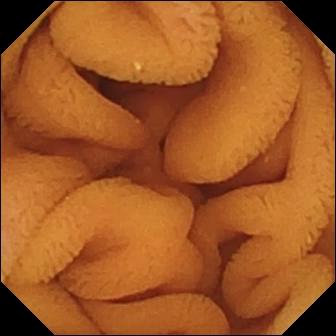Normal clean mucosa — VCE frame.